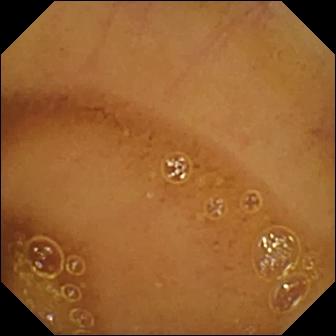Normal clean mucosa — wireless capsule endoscopy image.